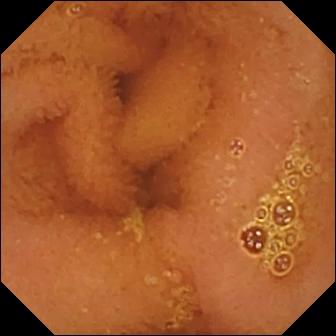Q: What does this WCE still of the small intestine show?
A: Normal clean mucosa.